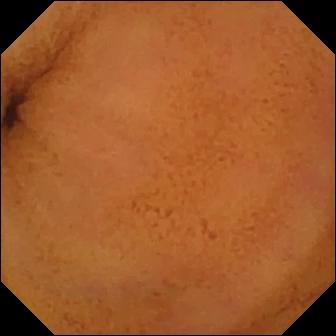Normal clean mucosa — small-bowel capsule endoscopy frame of the small bowel.